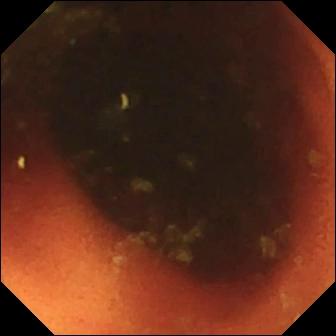Ileo-cecal valve region (the transition from the small bowel to the large bowel), 336×336.